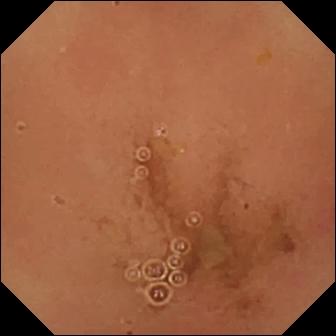Q: What does this capsule endoscopy still show?
A: Normal clean mucosa.